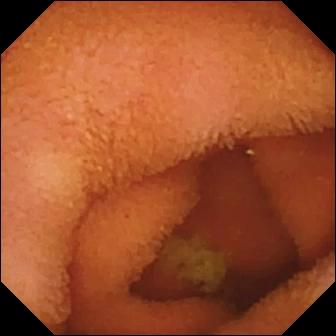Video capsule endoscopy. Small bowel. Impression: normal clean mucosa.